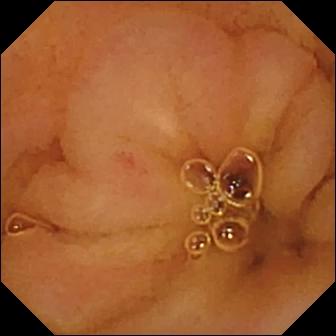Small-bowel capsule endoscopy frame, small intestine
Observation: normal clean mucosa